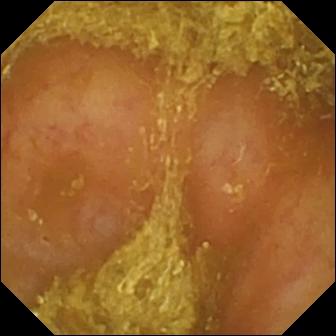Reduced mucosal view (content or bubbles obscuring the mucosa).